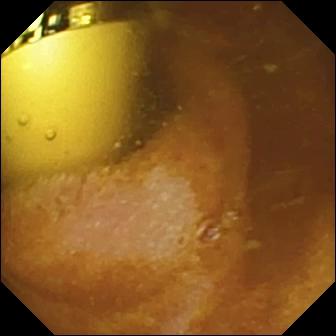Video capsule endoscopy. Finding: foreign body (e.g. retained capsule, tablet residue).